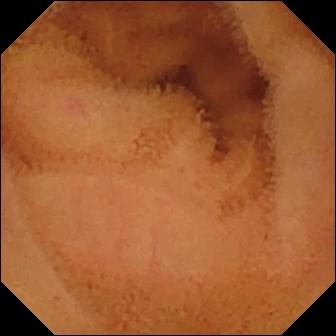Normal clean mucosa.